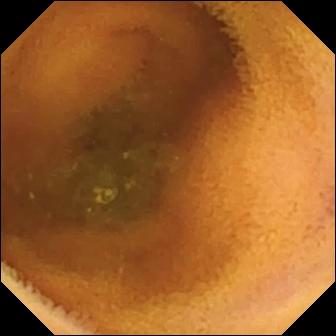Video capsule endoscopy frame showing normal clean mucosa.